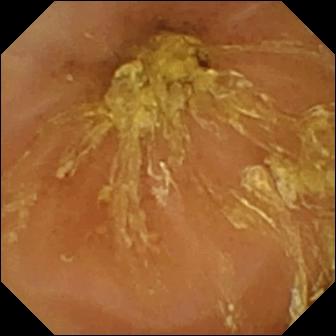PROCEDURE: Video capsule endoscopy.
SEGMENT: Small bowel.
FINDINGS: Normal clean mucosa.